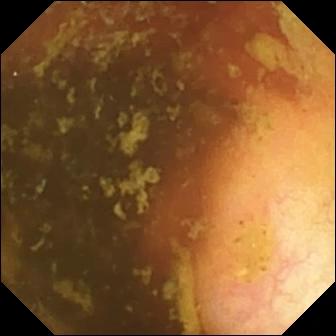Q: Where in the digestive tract was this video capsule endoscopy snapshot taken?
A: Ileo-cecal valve region.